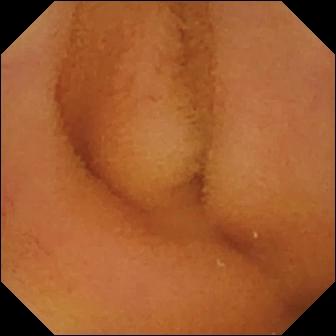- modality: wireless capsule endoscopy
- label: normal clean mucosa